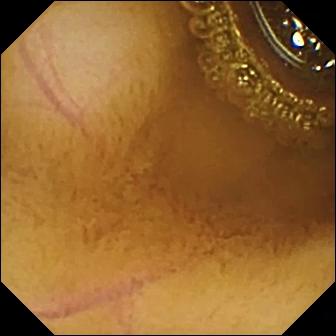{"modality": "wireless capsule endoscopy", "segment": "small bowel", "finding": "normal clean mucosa"}